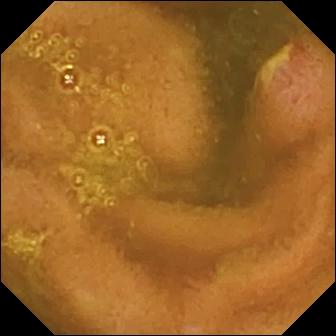Q: What does this VCE frame show?
A: Ulcer.